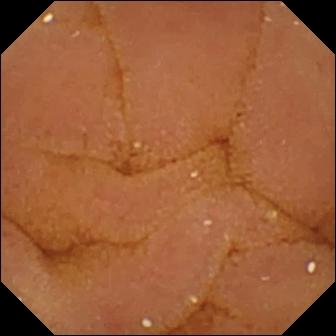Q: What does this capsule endoscopy view of the small intestine show?
A: Normal clean mucosa.